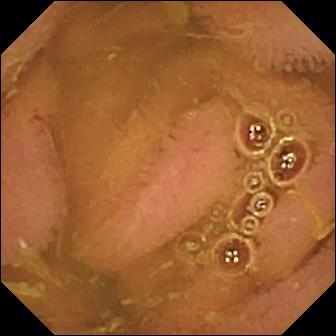Video capsule endoscopy. Observation: normal clean mucosa.